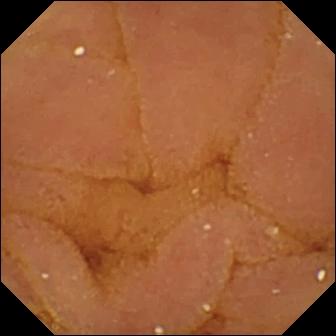- modality: wireless capsule endoscopy
- segment: small bowel
- observation: normal clean mucosa